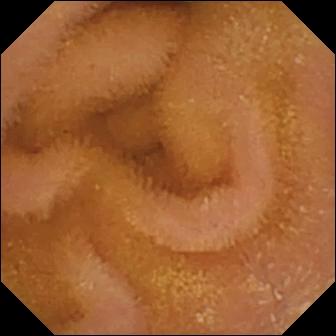This wireless capsule endoscopy snapshot of the small intestine shows normal clean mucosa.